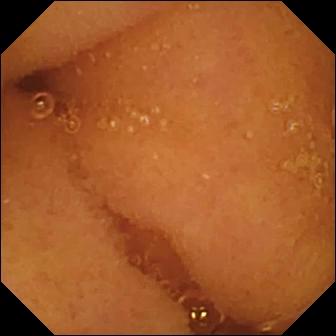Normal clean mucosa — small-bowel capsule endoscopy view of the small bowel.